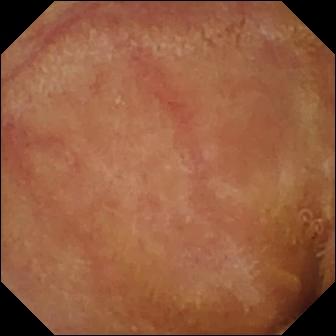WCE snapshot of the small intestine showing normal clean mucosa.